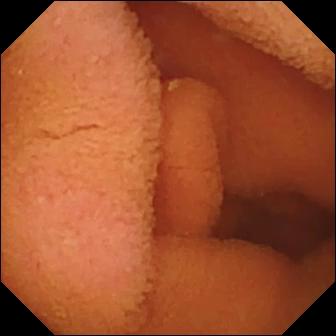Q: What does this VCE snapshot show?
A: Normal clean mucosa.